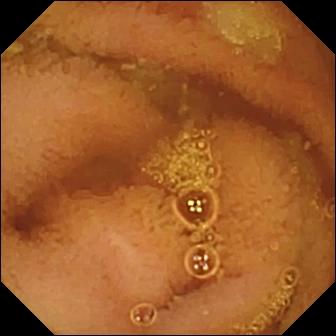- modality: VCE
- segment: small bowel
- impression: normal clean mucosa